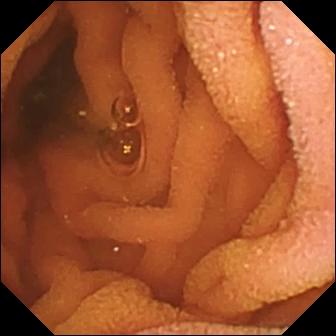Normal clean mucosa.